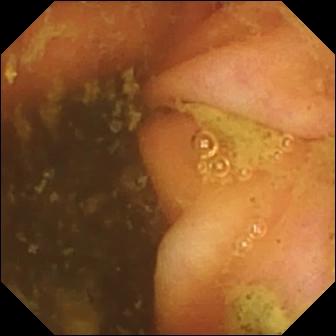PROCEDURE: Capsule endoscopy.
LABEL: Ileo-cecal valve region (the transition from the small bowel to the large bowel).